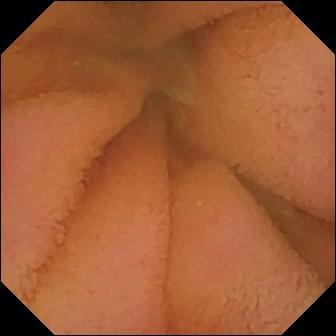{"modality": "WCE", "category": "luminal finding", "finding": "normal clean mucosa"}